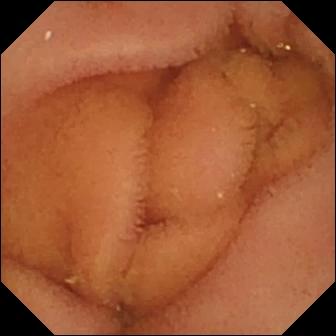Wireless capsule endoscopy view, small intestine
Label: normal clean mucosa